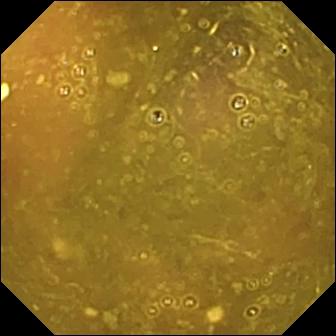VCE — reduced mucosal view (content or bubbles obscuring the mucosa).